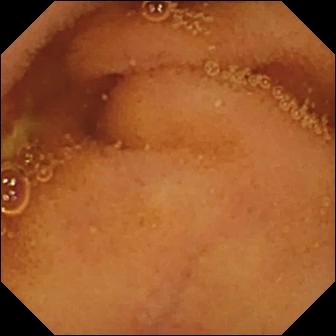Small-bowel capsule endoscopy frame of the small bowel showing normal clean mucosa.